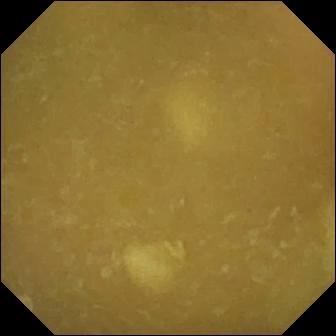This VCE image was taken in the ileo-cecal valve region (where the capsule passes from the small bowel into the large bowel).